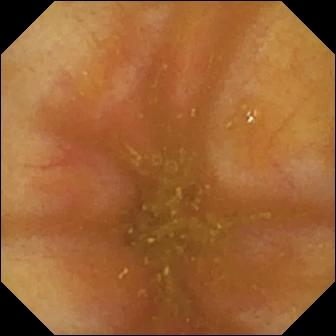Q: Where in the digestive tract was this WCE snapshot taken?
A: Ileo-cecal valve region.